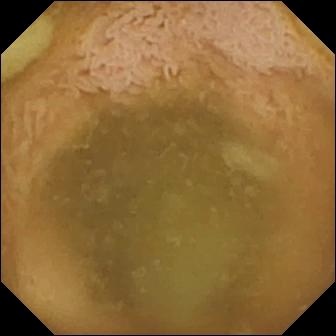WCE still. Taken in the ileo-cecal valve region (where the capsule passes from the small bowel into the large bowel).